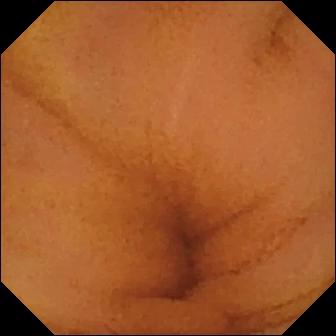WCE view (small bowel). Normal clean mucosa.